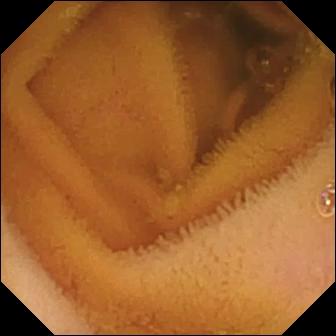PROCEDURE: Small-bowel capsule endoscopy.
FINDINGS: Normal clean mucosa.